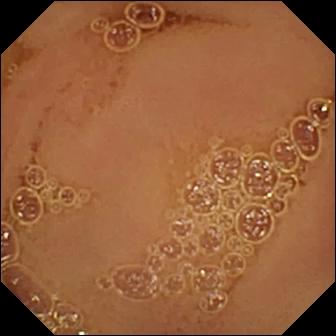modality: small-bowel capsule endoscopy
category: luminal finding
label: normal clean mucosa